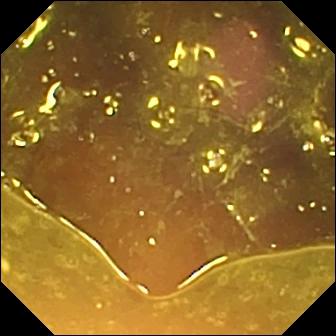Reduced mucosal view (content or bubbles obscuring the mucosa) — small-bowel capsule endoscopy image.